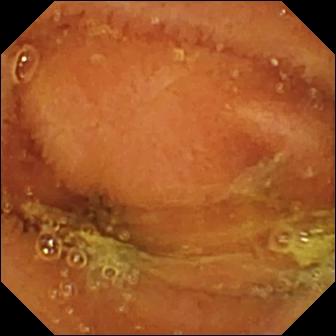WCE view
Finding: normal clean mucosa